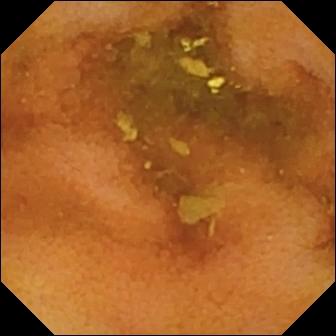This small-bowel capsule endoscopy frame of the small intestine shows normal clean mucosa.